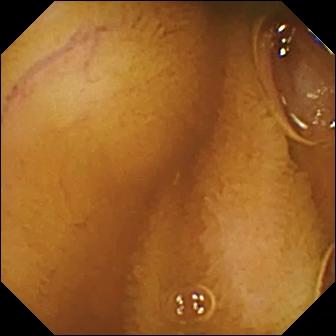Small-bowel capsule endoscopy still. Normal clean mucosa.